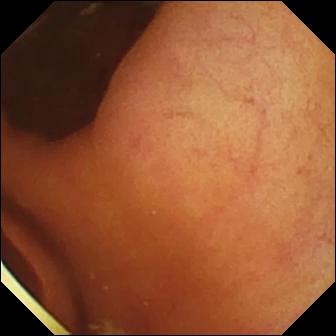Capsule endoscopy view
Finding: foreign body (e.g. retained capsule, tablet residue)